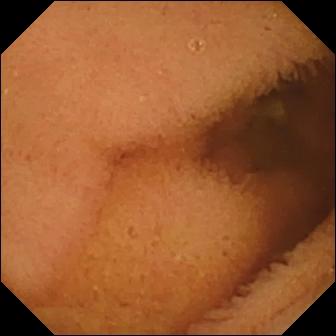Normal clean mucosa (336×336).